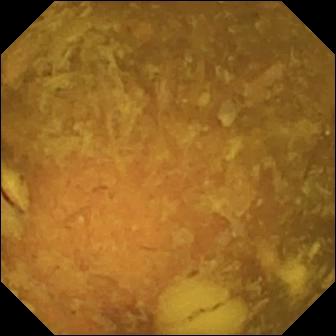Video capsule endoscopy view. Reduced mucosal view (content or bubbles obscuring the mucosa).